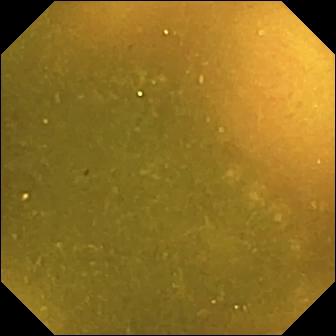Ileo-cecal valve region — WCE frame.